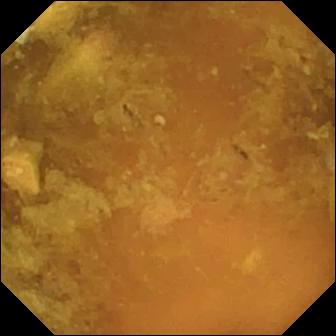modality: small-bowel capsule endoscopy; segment: small bowel; finding: reduced mucosal view (content or bubbles obscuring the mucosa)